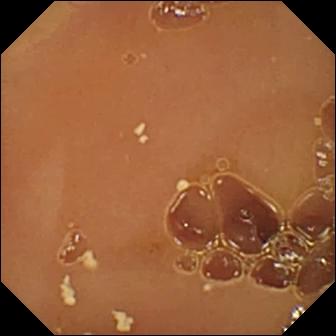Wireless capsule endoscopy view of the small intestine showing normal clean mucosa.